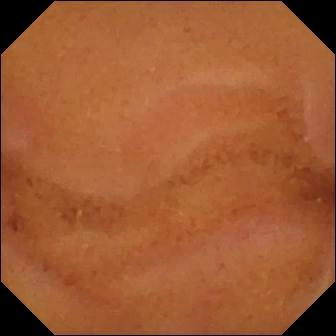Q: What does this wireless capsule endoscopy snapshot show?
A: Normal clean mucosa.